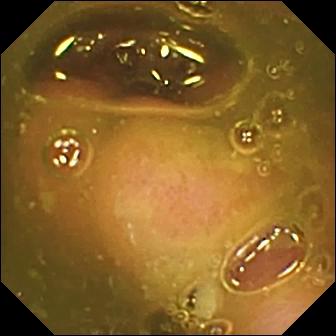Small-bowel capsule endoscopy snapshot, 336×336. Taken in the ileo-cecal valve region (the transition from the small bowel to the large bowel).